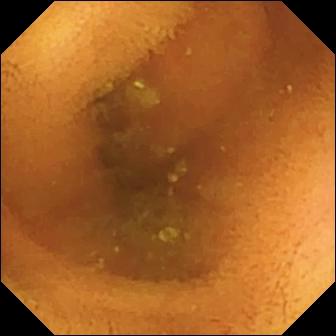PROCEDURE: WCE.
FINDINGS: Normal clean mucosa.